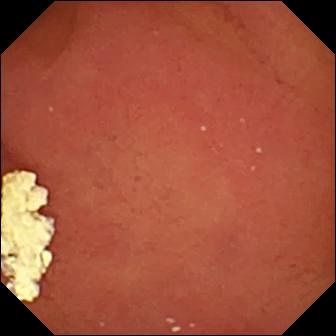PROCEDURE: WCE.
LOCATION: Pylorus region (where the capsule passes from the stomach into the small bowel).